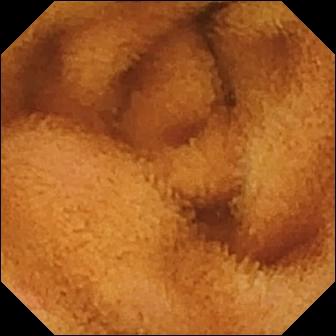VCE snapshot showing normal clean mucosa.